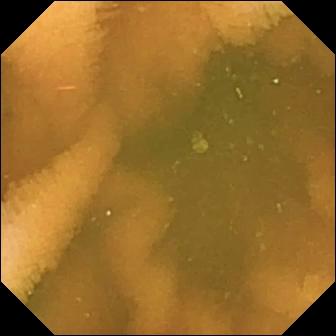WCE. Luminal finding. Impression: normal clean mucosa.